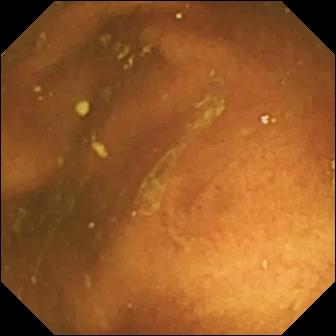- modality: video capsule endoscopy
- label: ileo-cecal valve region